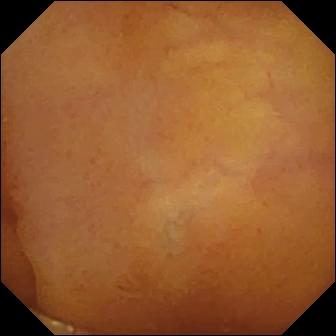Q: What does this capsule endoscopy view show?
A: Normal clean mucosa.